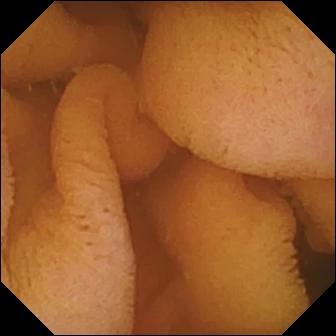- modality: video capsule endoscopy
- impression: normal clean mucosa